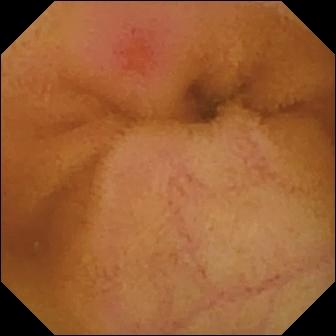Erythema (mucosal redness).